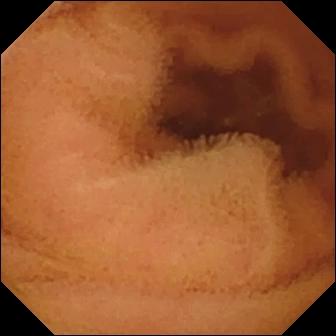WCE still, small intestine
Finding: normal clean mucosa